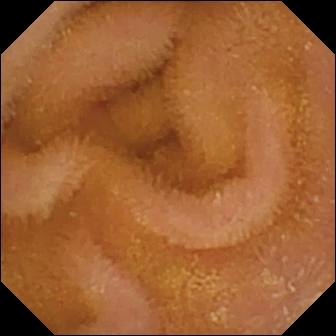modality: small-bowel capsule endoscopy | segment: small bowel | category: luminal finding | impression: normal clean mucosa